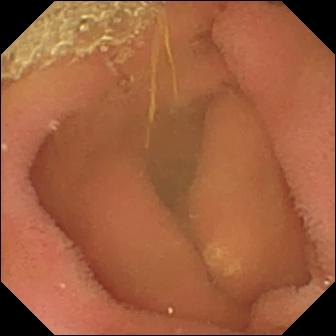Small-bowel capsule endoscopy view. Lymphangiectasia.